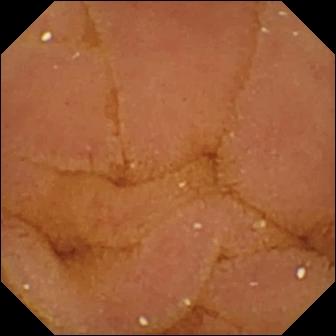Small-bowel capsule endoscopy — normal clean mucosa.